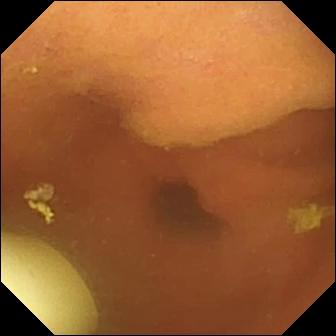Video capsule endoscopy — foreign body (e.g. retained capsule, tablet residue).